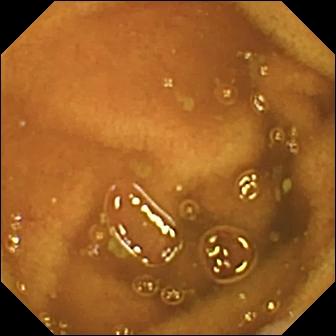Normal clean mucosa.